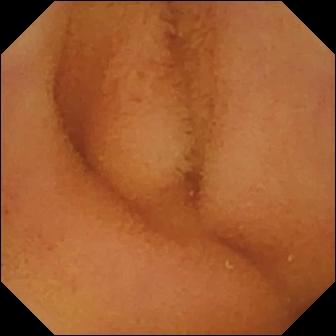Q: What does this VCE image of the small intestine show?
A: Normal clean mucosa.